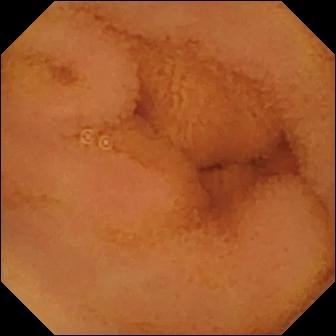- modality: small-bowel capsule endoscopy
- category: luminal finding
- finding: normal clean mucosa